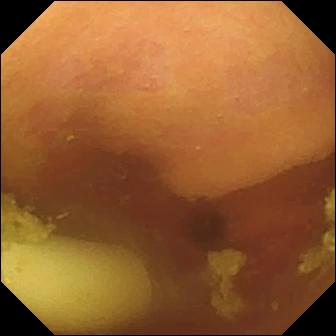Video capsule endoscopy image
Observation: foreign body (e.g. retained capsule, tablet residue)